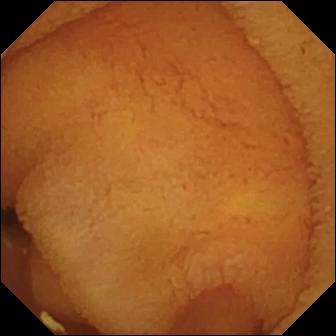modality: video capsule endoscopy; impression: normal clean mucosa